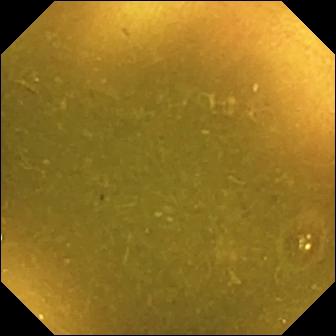modality: wireless capsule endoscopy; category: anatomical landmark; video segment: ileo-cecal valve region (where the capsule passes from the small bowel into the large bowel)